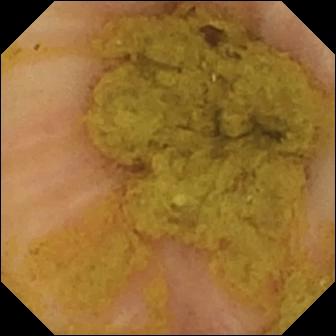- modality: wireless capsule endoscopy
- category: anatomical landmark
- label: ileo-cecal valve region (where the capsule passes from the small bowel into the large bowel)